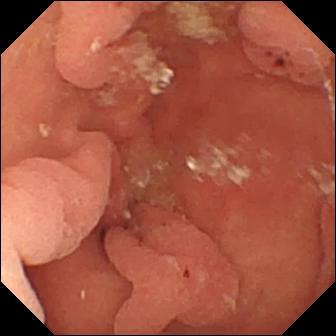modality: WCE | impression: hematin (altered blood) on the mucosal surface